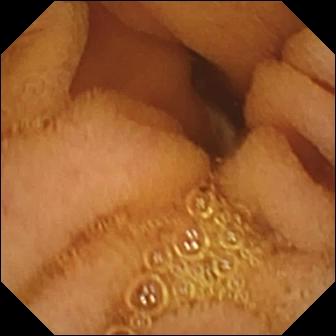WCE snapshot, small bowel
Label: normal clean mucosa